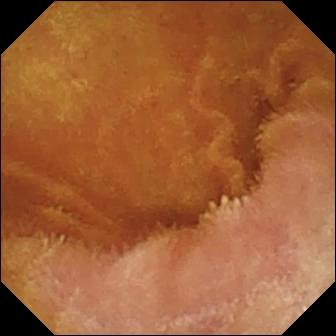Video capsule endoscopy image, small bowel
Impression: normal clean mucosa